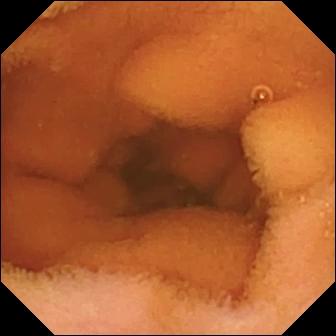Q: What does this video capsule endoscopy view of the small intestine show?
A: Normal clean mucosa.